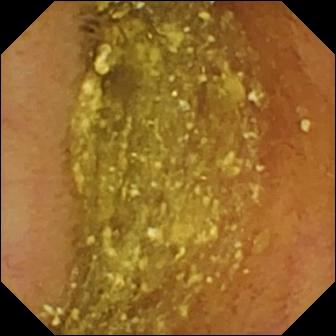Wireless capsule endoscopy still
Impression: normal clean mucosa